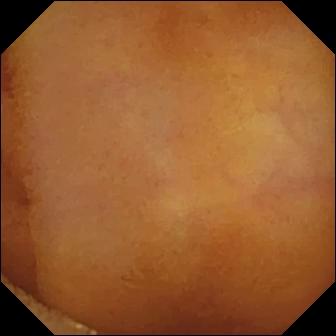Normal clean mucosa (336×336).